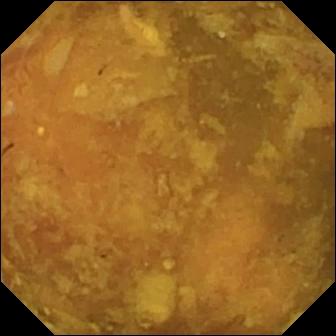- modality: video capsule endoscopy
- segment: small intestine
- impression: reduced mucosal view (content or bubbles obscuring the mucosa)